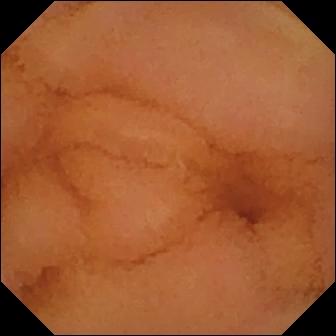Normal clean mucosa.